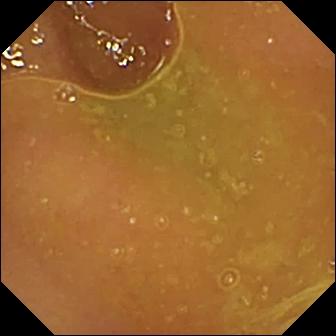Small-bowel capsule endoscopy frame of the small bowel showing normal clean mucosa.